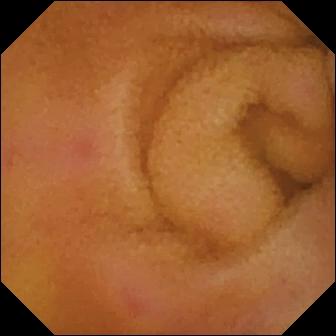modality: capsule endoscopy | observation: erythema (mucosal redness)